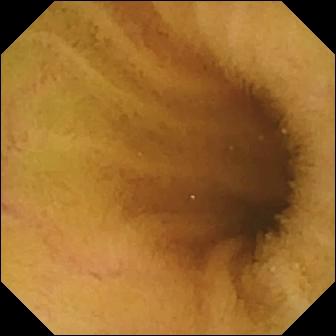Normal clean mucosa — video capsule endoscopy snapshot of the small intestine.